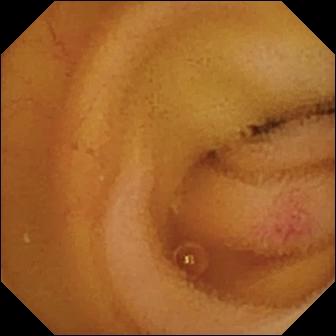Q: What does this VCE snapshot show?
A: Angiectasia.